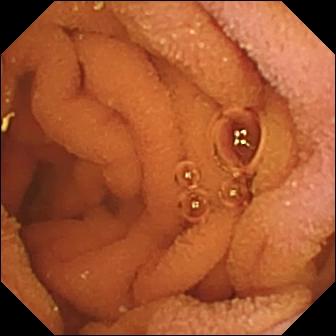Video capsule endoscopy frame (small bowel). Normal clean mucosa.